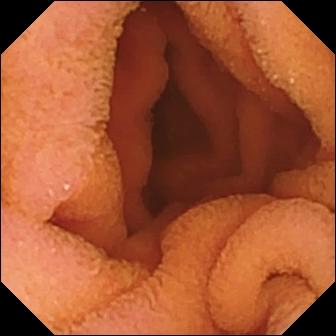PROCEDURE: Video capsule endoscopy.
FINDINGS: Normal clean mucosa.